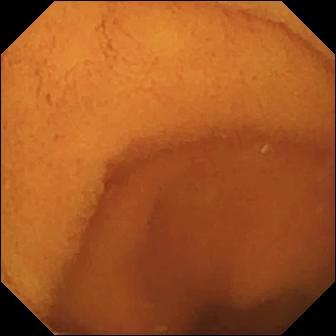{"modality": "capsule endoscopy", "segment": "small intestine", "finding": "normal clean mucosa"}